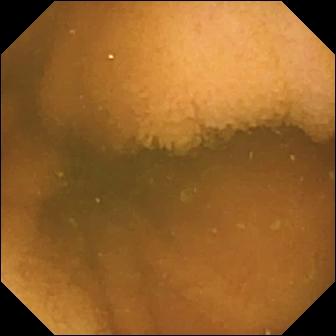This video capsule endoscopy image shows normal clean mucosa.